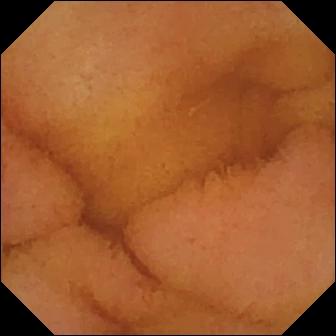WCE view of the small intestine showing normal clean mucosa.